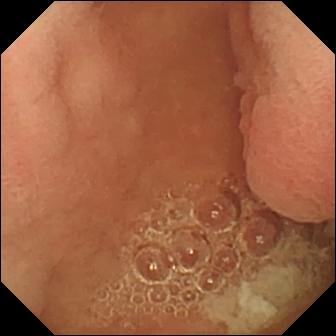{"modality": "WCE", "category": "anatomical landmark", "video_segment": "pylorus region (the junction between the stomach and the small bowel)"}